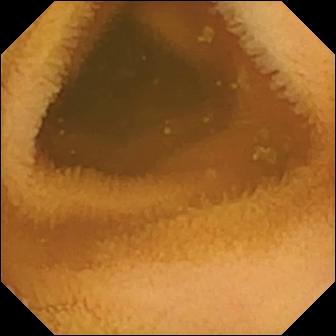VCE image
Observation: normal clean mucosa